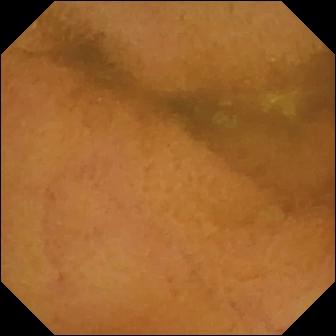Wireless capsule endoscopy image
Impression: normal clean mucosa